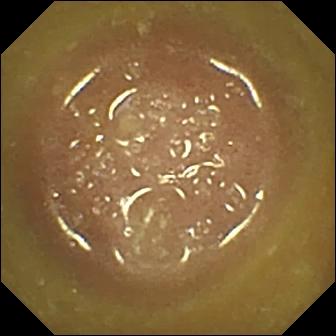Small-bowel capsule endoscopy — ileo-cecal valve region (where the capsule passes from the small bowel into the large bowel).